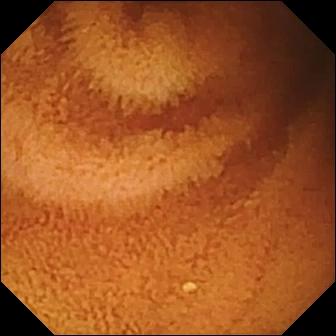Q: What does this video capsule endoscopy snapshot show?
A: Normal clean mucosa.